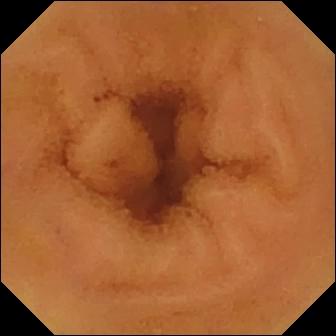PROCEDURE: Small-bowel capsule endoscopy.
SEGMENT: Small bowel.
FINDINGS: Normal clean mucosa.